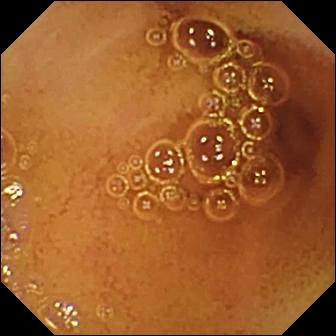This small-bowel capsule endoscopy frame shows normal clean mucosa.